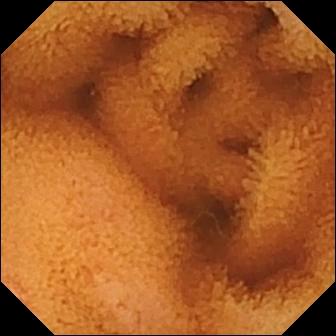VCE image. Normal clean mucosa.